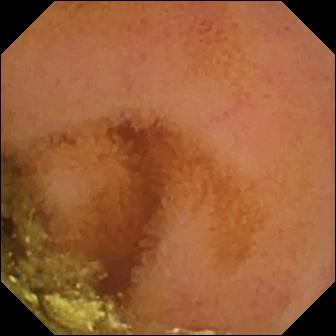Video capsule endoscopy view (small bowel). Normal clean mucosa.